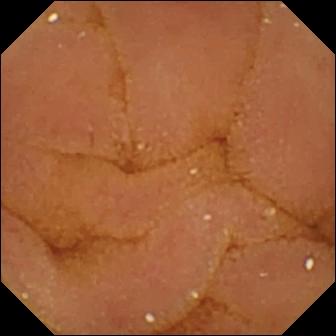Small-bowel capsule endoscopy image
Impression: normal clean mucosa